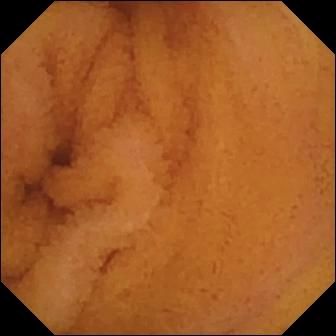modality: WCE | finding: normal clean mucosa